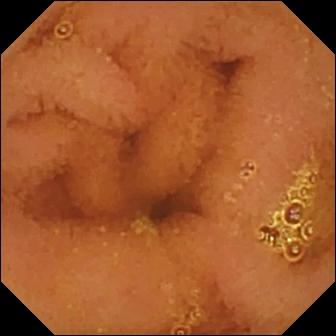Normal clean mucosa — capsule endoscopy still of the small bowel.